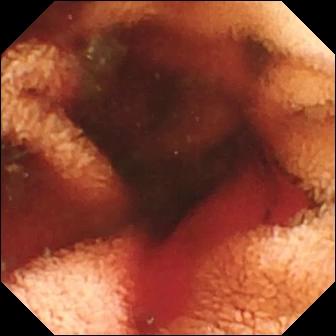Fresh blood in the lumen.